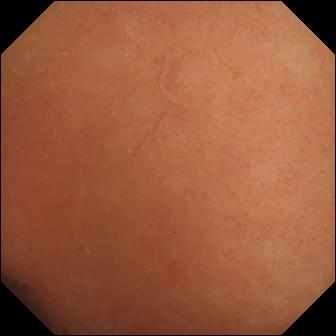Normal clean mucosa.